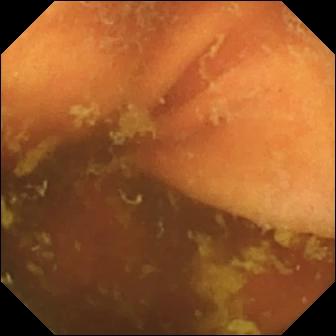This VCE image was taken in the ileo-cecal valve region (where the capsule passes from the small bowel into the large bowel).